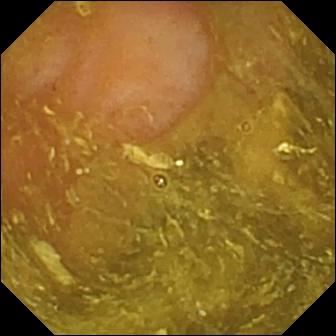PROCEDURE: Video capsule endoscopy.
LABEL: Ileo-cecal valve region (the transition from the small bowel to the large bowel).